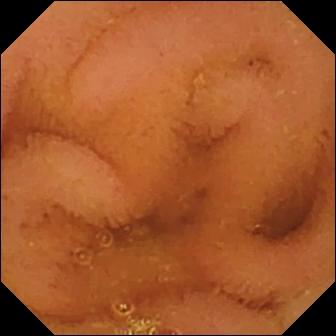Normal clean mucosa (336×336).